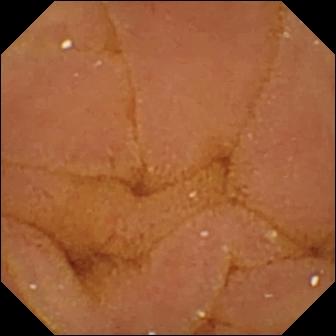{"modality": "video capsule endoscopy", "finding": "normal clean mucosa"}